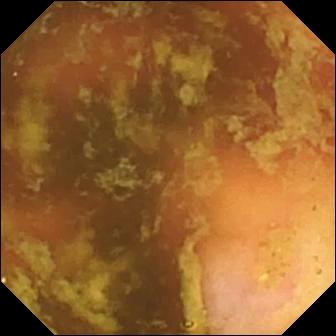WCE still. Taken in the ileo-cecal valve region.